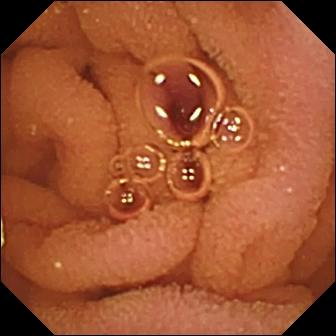PROCEDURE: Video capsule endoscopy.
SEGMENT: Small bowel.
FINDINGS: Normal clean mucosa.